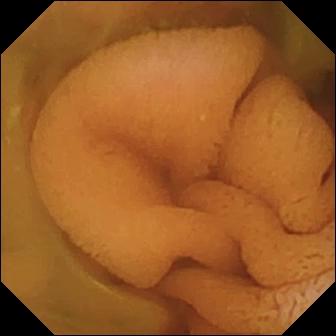PROCEDURE: VCE.
FINDINGS: Normal clean mucosa.